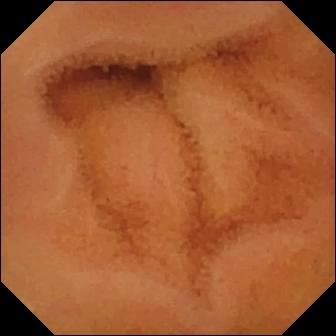{"modality": "WCE", "segment": "small bowel", "finding": "normal clean mucosa"}